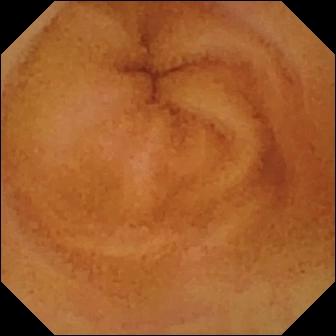- modality: capsule endoscopy
- segment: small intestine
- observation: normal clean mucosa